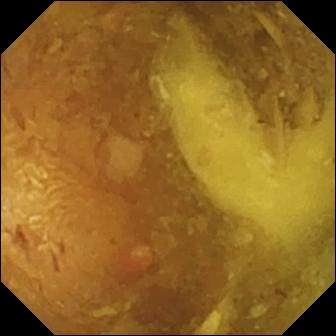Small-bowel capsule endoscopy snapshot showing reduced mucosal view (content or bubbles obscuring the mucosa).